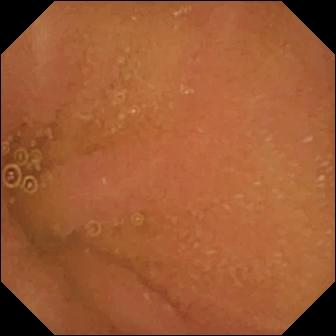Capsule endoscopy snapshot
Label: normal clean mucosa